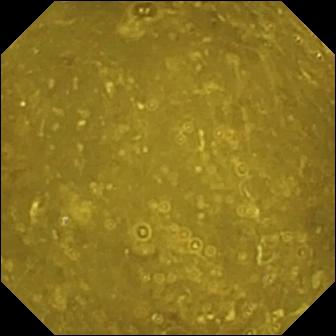PROCEDURE: Wireless capsule endoscopy.
LABEL: Ileo-cecal valve region.